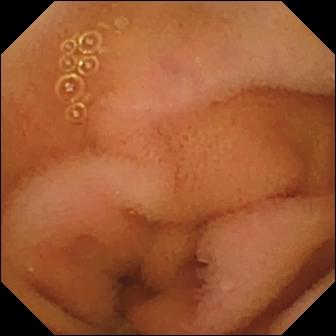Video capsule endoscopy view. Normal clean mucosa.